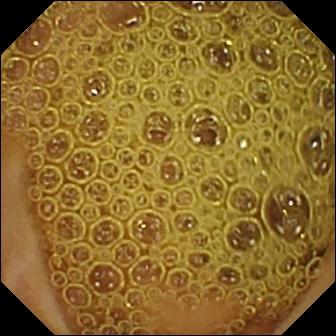Normal clean mucosa.